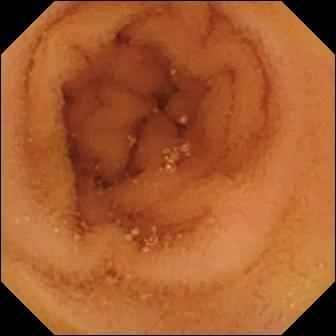This VCE view shows normal clean mucosa.